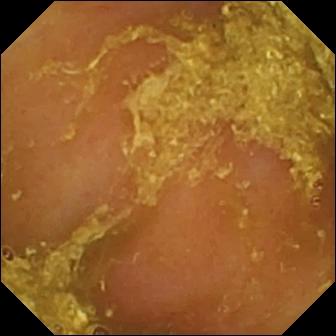modality: WCE | segment: small intestine | category: luminal finding | label: reduced mucosal view (content or bubbles obscuring the mucosa)